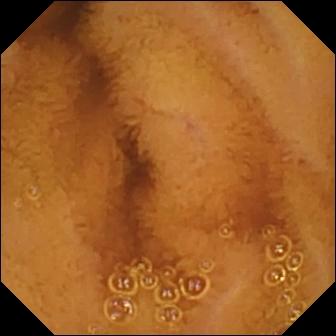WCE snapshot, small bowel
Impression: normal clean mucosa